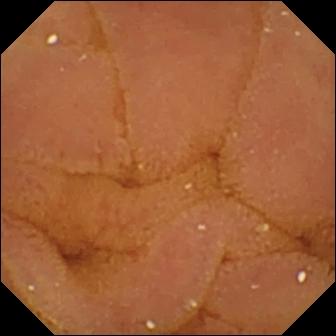Normal clean mucosa (336×336).